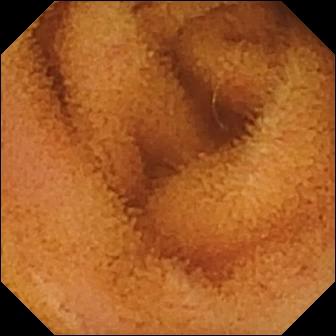Video capsule endoscopy image showing normal clean mucosa.